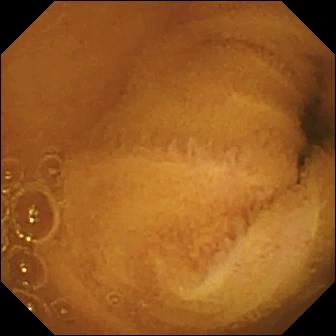Wireless capsule endoscopy. Small bowel. Observation: normal clean mucosa.